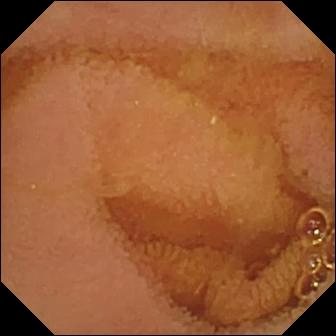Normal clean mucosa.